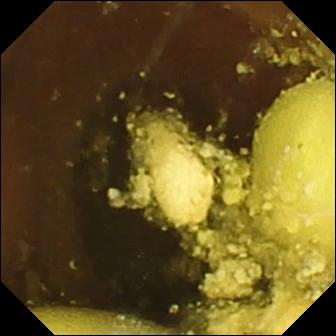Capsule endoscopy — foreign body (e.g. retained capsule, tablet residue).